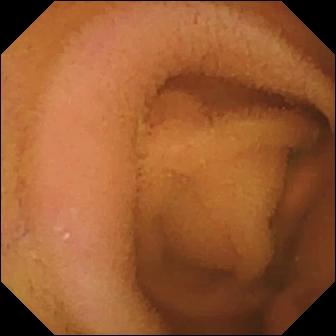This wireless capsule endoscopy snapshot of the small bowel shows normal clean mucosa.